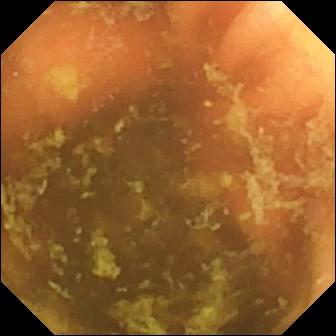Video capsule endoscopy image. Taken in the ileo-cecal valve region (the transition from the small bowel to the large bowel).